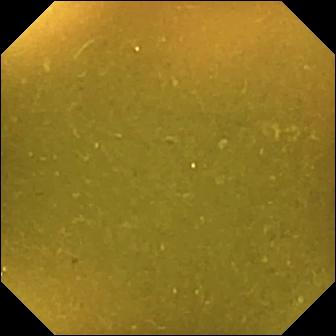Ileo-cecal valve region, 336×336.